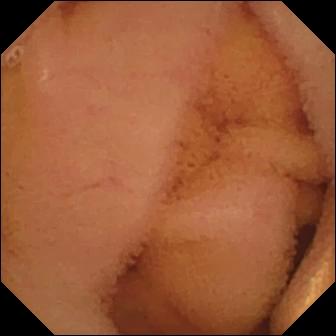Small-bowel capsule endoscopy image, small intestine
Observation: normal clean mucosa